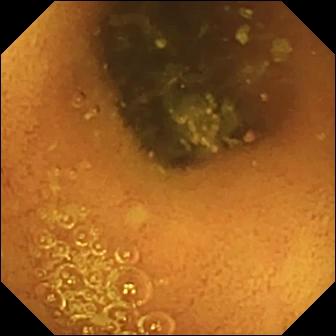- modality: WCE
- observation: normal clean mucosa